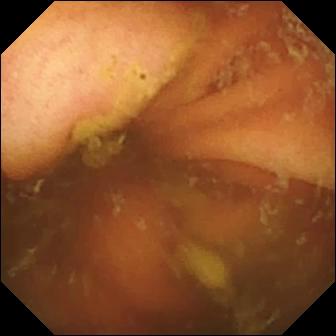Small-bowel capsule endoscopy — ileo-cecal valve region.